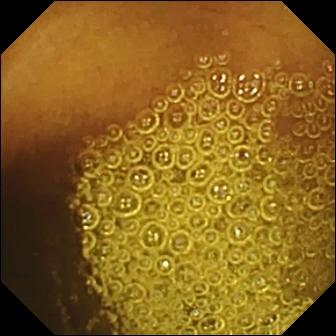Normal clean mucosa — video capsule endoscopy frame of the small bowel.